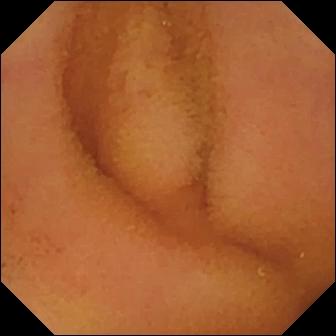Q: What does this capsule endoscopy image show?
A: Normal clean mucosa.